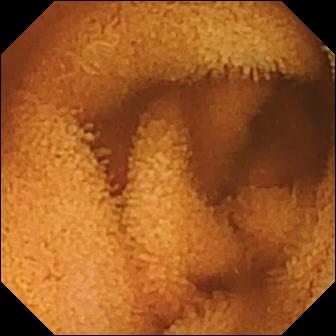- modality: video capsule endoscopy
- category: luminal finding
- label: normal clean mucosa